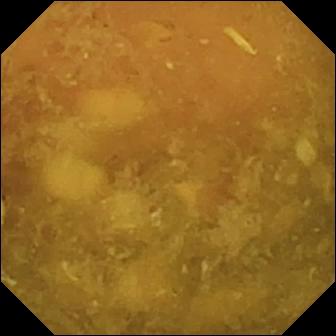Capsule endoscopy. Luminal finding. Observation: reduced mucosal view (content or bubbles obscuring the mucosa).